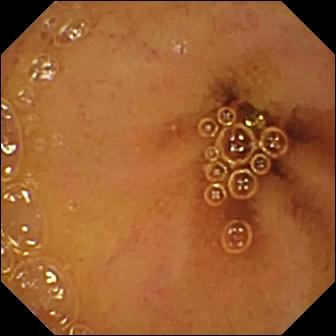Q: What does this capsule endoscopy view show?
A: Normal clean mucosa.